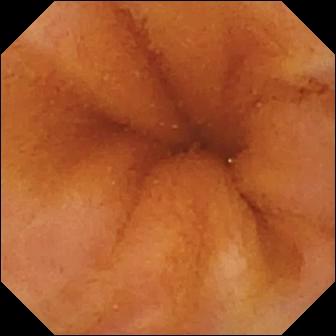WCE image showing normal clean mucosa.